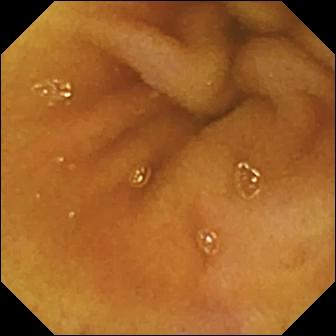Normal clean mucosa.